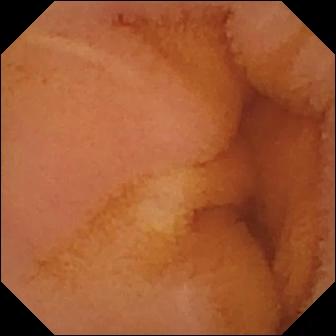modality: small-bowel capsule endoscopy | segment: small bowel | category: luminal finding | finding: normal clean mucosa